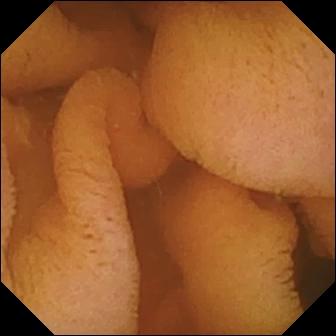{"modality": "capsule endoscopy", "finding": "normal clean mucosa"}